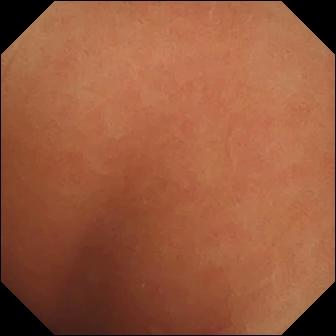modality: WCE; impression: normal clean mucosa